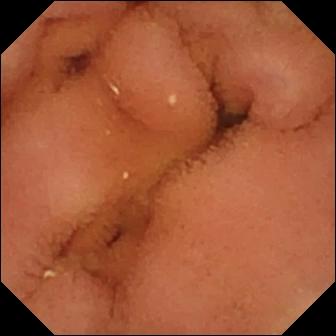This small-bowel capsule endoscopy still shows normal clean mucosa.